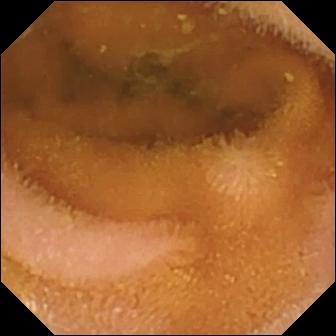Wireless capsule endoscopy frame
Impression: normal clean mucosa